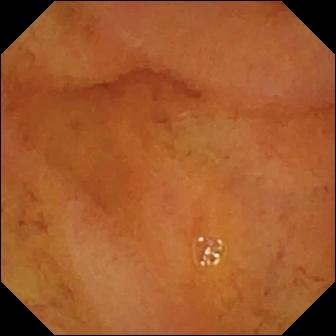Normal clean mucosa — small-bowel capsule endoscopy still.